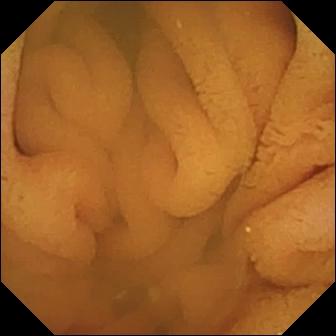- modality: WCE
- impression: normal clean mucosa